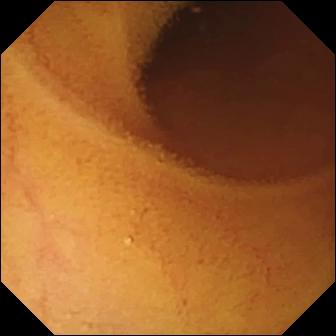modality: small-bowel capsule endoscopy; finding: normal clean mucosa